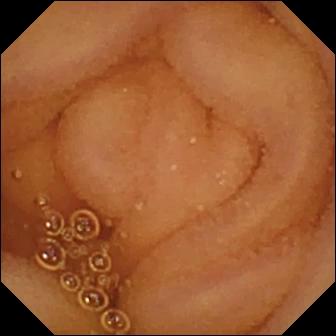Normal clean mucosa.